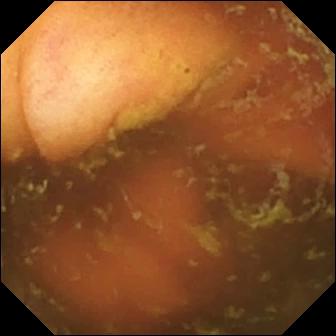Ileo-cecal valve region — small-bowel capsule endoscopy frame.